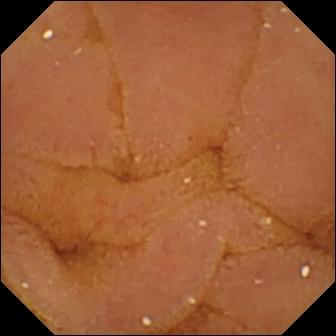Capsule endoscopy. Observation: normal clean mucosa.